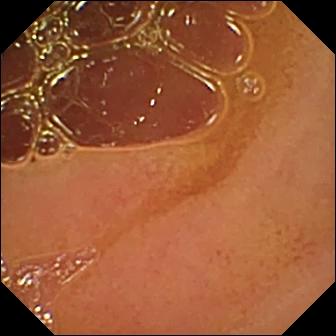Small-bowel capsule endoscopy frame showing normal clean mucosa.